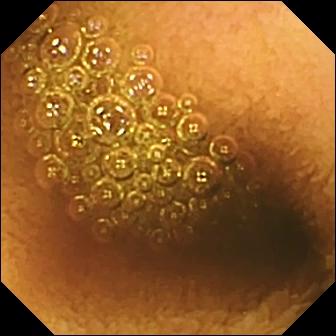Video capsule endoscopy — reduced mucosal view (content or bubbles obscuring the mucosa).